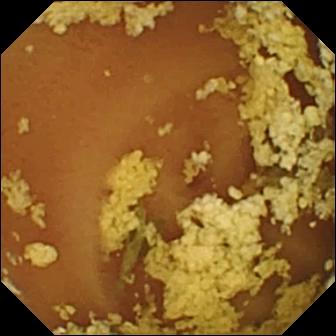Video capsule endoscopy. Impression: normal clean mucosa.